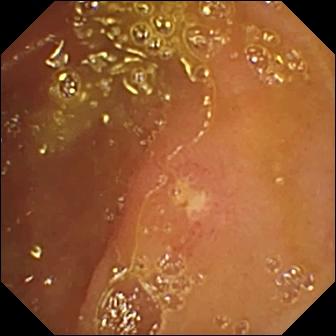Wireless capsule endoscopy. Observation: ulcer.